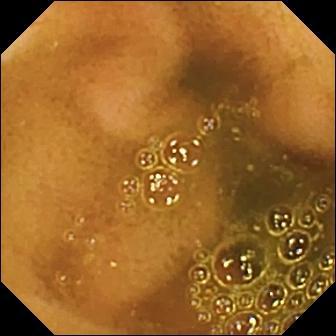Video capsule endoscopy snapshot. Taken in the ileo-cecal valve region (where the capsule passes from the small bowel into the large bowel).